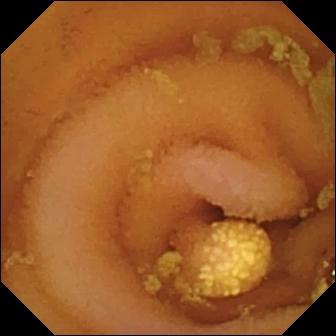Wireless capsule endoscopy snapshot. Lymphangiectasia.